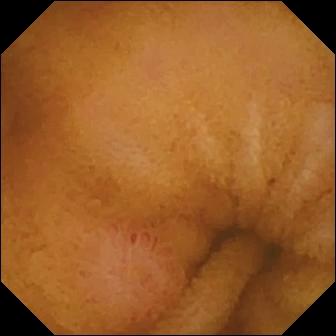Erosion (336×336).